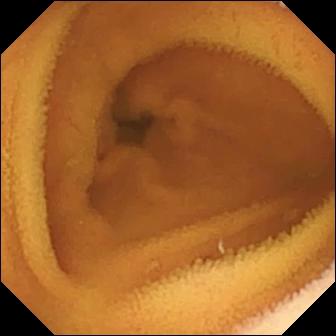{"modality": "small-bowel capsule endoscopy", "finding": "normal clean mucosa"}